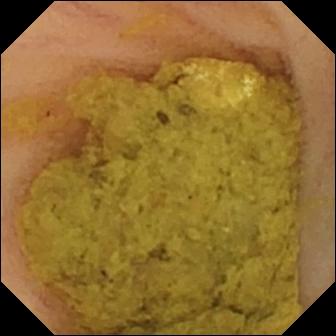PROCEDURE: VCE.
LOCATION: Ileo-cecal valve region (where the capsule passes from the small bowel into the large bowel).